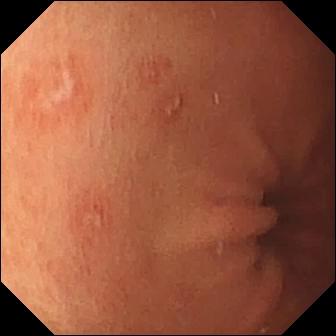Erosion — capsule endoscopy image.